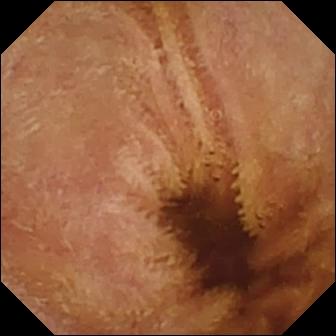Small-bowel capsule endoscopy frame (small intestine). Normal clean mucosa.